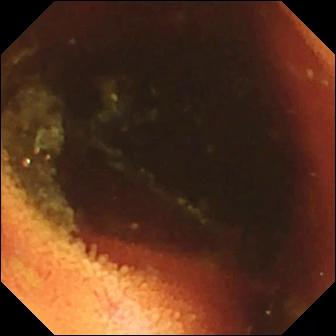This WCE still was taken in the ileo-cecal valve region.